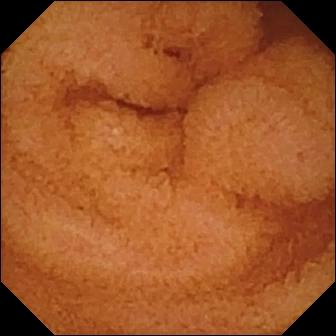Q: What does this video capsule endoscopy snapshot of the small bowel show?
A: Normal clean mucosa.